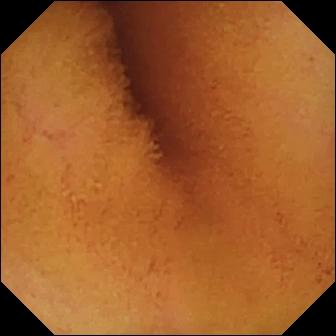This small-bowel capsule endoscopy still shows normal clean mucosa.